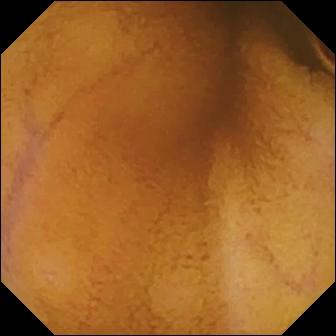WCE image, small intestine
Impression: normal clean mucosa